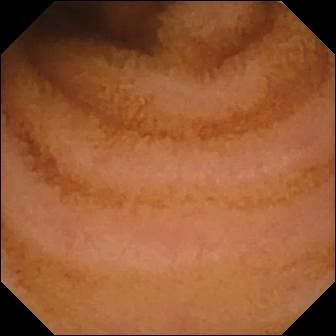This capsule endoscopy frame shows normal clean mucosa.